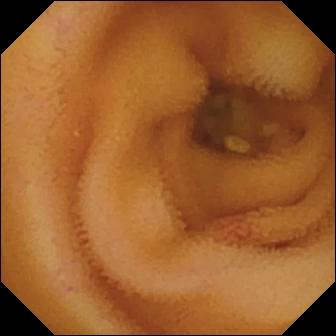PROCEDURE: VCE.
FINDINGS: Angiectasia.